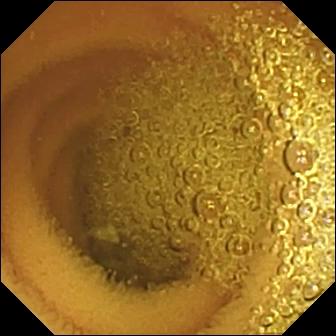{"modality": "video capsule endoscopy", "segment": "small intestine", "finding": "normal clean mucosa"}